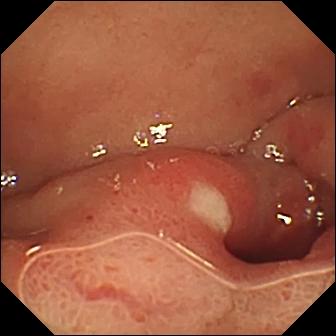Ulcer.